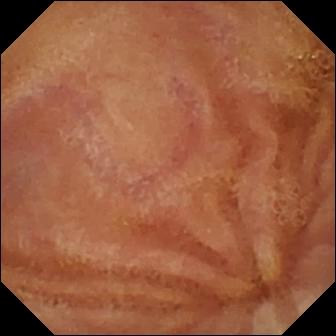Normal clean mucosa — capsule endoscopy view of the small intestine.